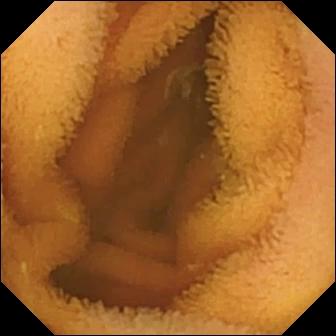Small-bowel capsule endoscopy. Label: normal clean mucosa.